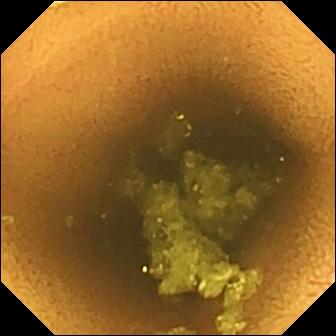Normal clean mucosa.